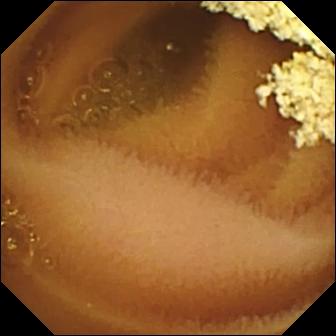PROCEDURE: Video capsule endoscopy.
SEGMENT: Small intestine.
FINDINGS: Normal clean mucosa.